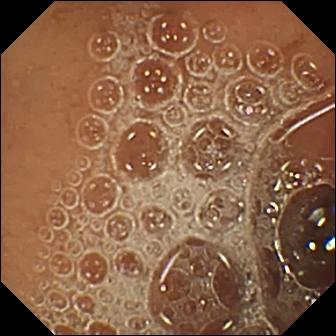Q: What does this small-bowel capsule endoscopy snapshot show?
A: Normal clean mucosa.